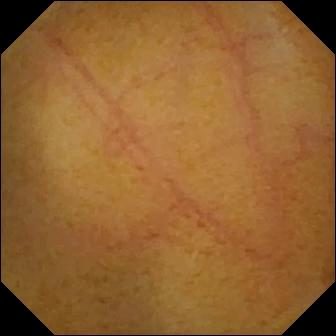PROCEDURE: VCE.
FINDINGS: Normal clean mucosa.